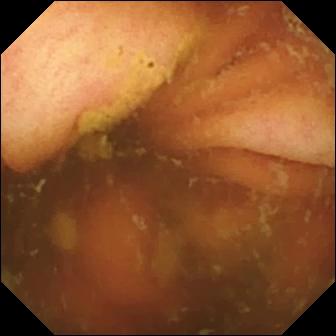Video capsule endoscopy image
Location: ileo-cecal valve region (the transition from the small bowel to the large bowel)